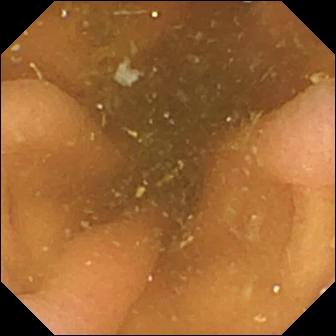Video capsule endoscopy snapshot
Position: pylorus region